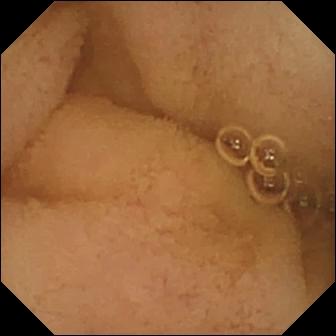This video capsule endoscopy snapshot was taken in the pylorus region (the junction between the stomach and the small bowel).